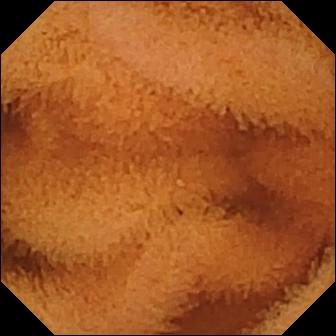Normal clean mucosa.